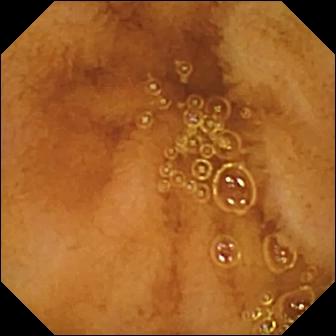{"modality": "capsule endoscopy", "segment": "small intestine", "finding": "normal clean mucosa"}